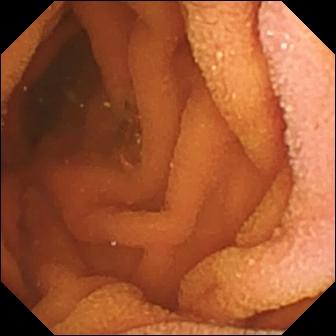Video capsule endoscopy snapshot
Impression: normal clean mucosa